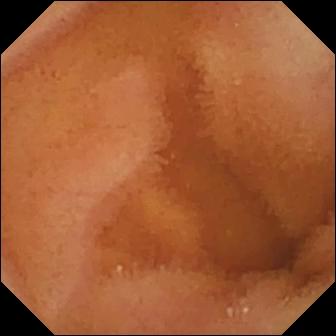- modality: wireless capsule endoscopy
- segment: small intestine
- observation: normal clean mucosa